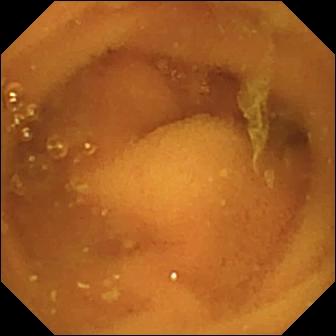Wireless capsule endoscopy — normal clean mucosa.